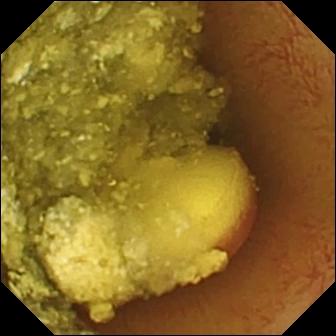{"modality": "small-bowel capsule endoscopy", "category": "luminal finding", "finding": "foreign body (e.g. retained capsule, tablet residue)"}